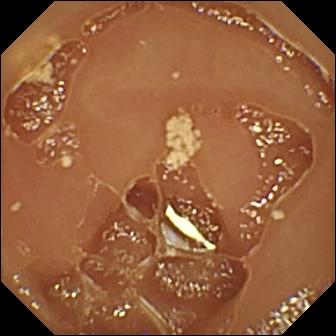VCE view. Normal clean mucosa.